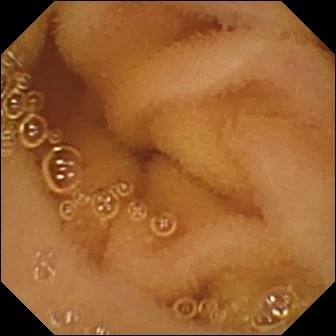modality: video capsule endoscopy; category: luminal finding; observation: normal clean mucosa